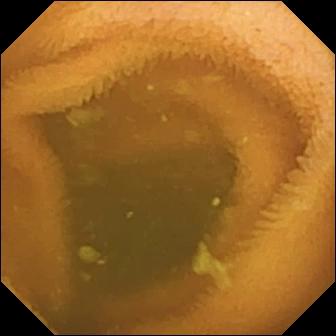Video capsule endoscopy frame showing normal clean mucosa.